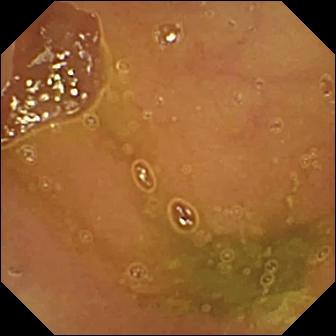PROCEDURE: VCE.
FINDINGS: Normal clean mucosa.